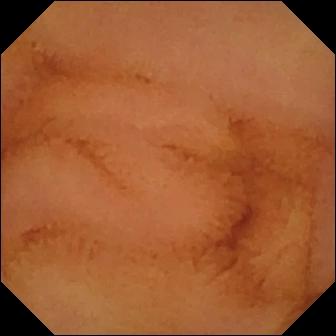Small-bowel capsule endoscopy — normal clean mucosa.